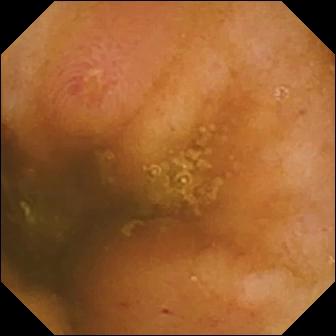Wireless capsule endoscopy still, 336×336. Ulcer.